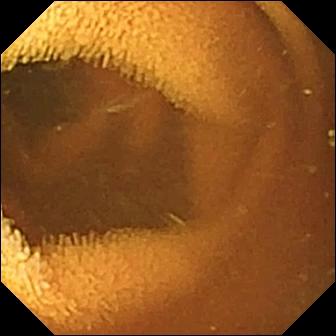Wireless capsule endoscopy image of the small intestine showing normal clean mucosa.